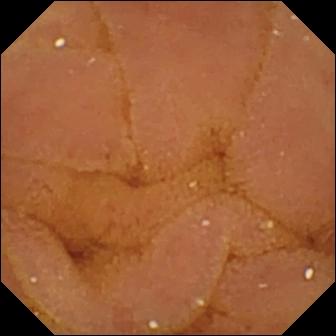{"modality": "VCE", "finding": "normal clean mucosa"}